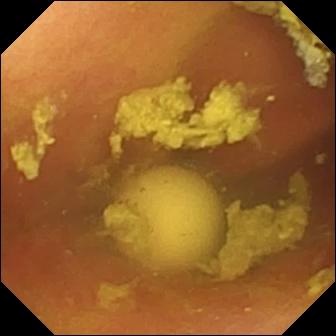Small-bowel capsule endoscopy image. Foreign body (e.g. retained capsule, tablet residue).